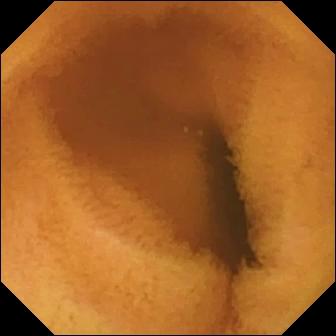- modality: VCE
- impression: normal clean mucosa